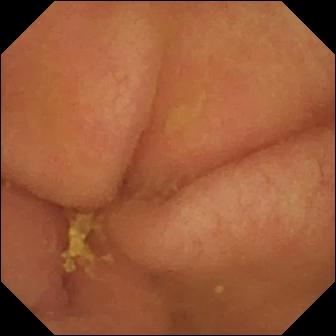{"modality": "VCE", "location": "pylorus region"}